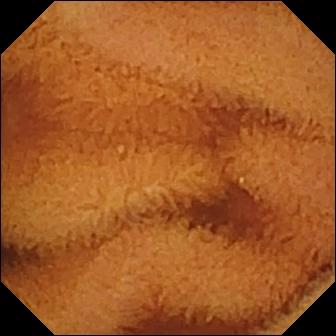This video capsule endoscopy frame shows normal clean mucosa.